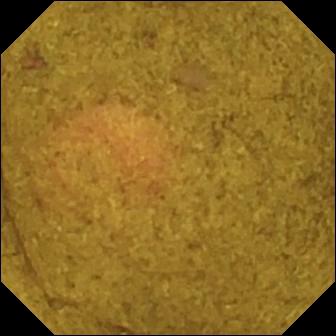Wireless capsule endoscopy — ileo-cecal valve region (the transition from the small bowel to the large bowel).